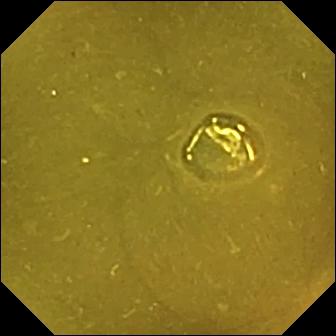This small-bowel capsule endoscopy frame was taken in the ileo-cecal valve region.